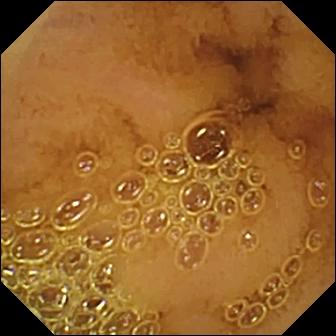Capsule endoscopy view
Label: normal clean mucosa